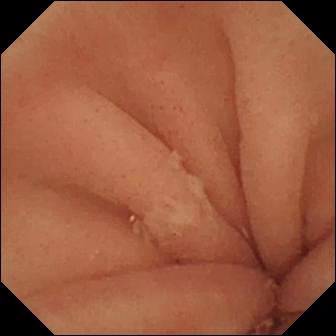Video capsule endoscopy still, 336×336. Taken in the pylorus region (the junction between the stomach and the small bowel).